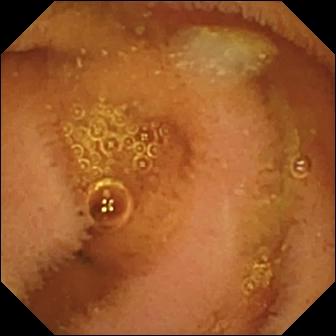VCE. Small intestine. Luminal finding. Impression: normal clean mucosa.